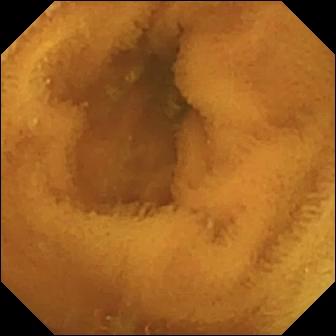{"modality": "video capsule endoscopy", "segment": "small bowel", "finding": "normal clean mucosa"}